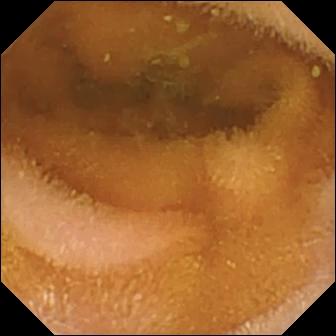modality: VCE | observation: normal clean mucosa